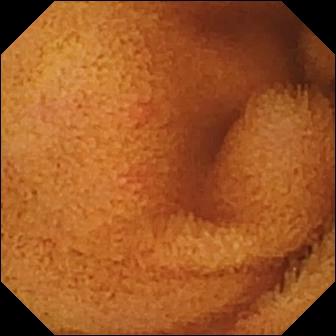{"modality": "wireless capsule endoscopy", "segment": "small bowel", "finding": "normal clean mucosa"}